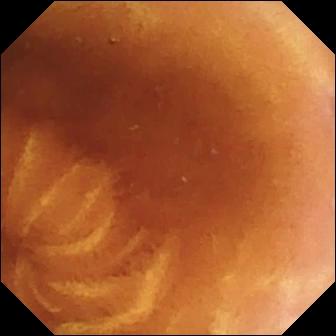Normal clean mucosa.